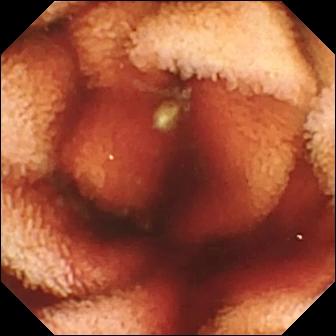Q: What does this small-bowel capsule endoscopy frame show?
A: Fresh blood in the lumen.